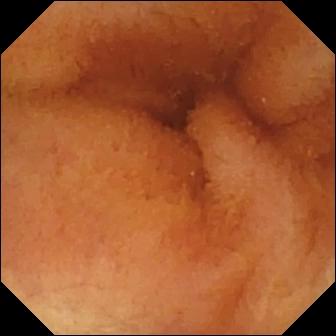Wireless capsule endoscopy — normal clean mucosa.